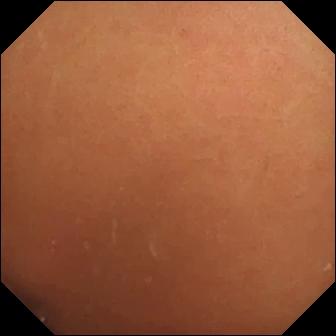Capsule endoscopy still
Impression: normal clean mucosa